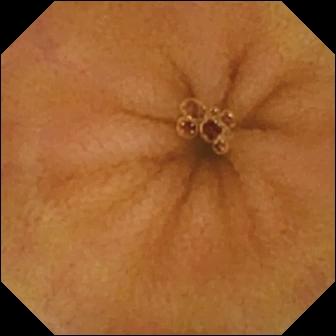Q: What does this small-bowel capsule endoscopy still show?
A: Normal clean mucosa.